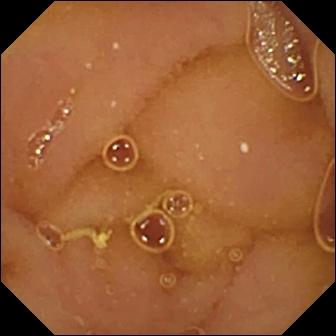{"modality": "wireless capsule endoscopy", "segment": "small intestine", "category": "luminal finding", "finding": "normal clean mucosa"}